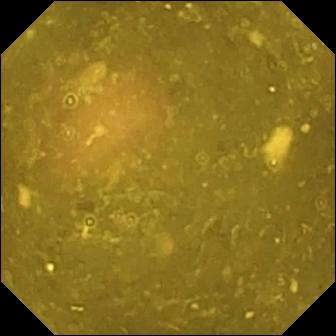- modality: small-bowel capsule endoscopy
- location: ileo-cecal valve region (where the capsule passes from the small bowel into the large bowel)